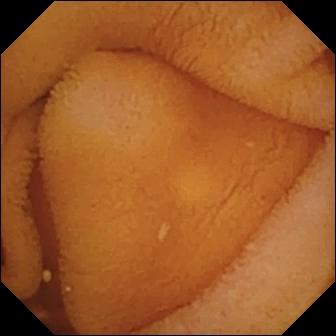{"modality": "wireless capsule endoscopy", "segment": "small bowel", "finding": "normal clean mucosa"}